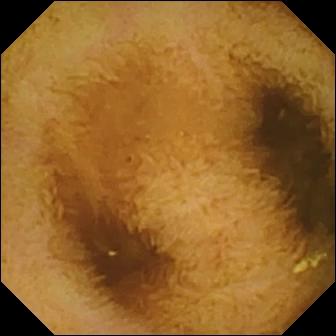Normal clean mucosa.